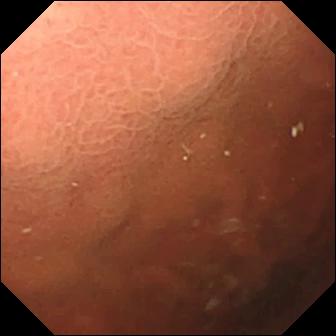VCE — pylorus region.